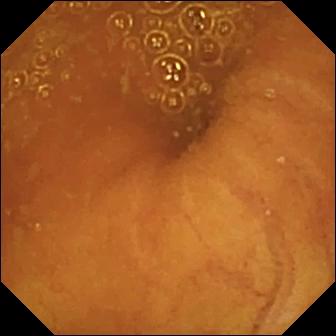Small-bowel capsule endoscopy — ileo-cecal valve region (the transition from the small bowel to the large bowel).